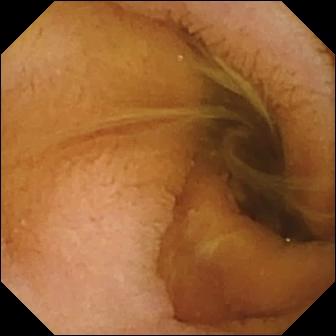Wireless capsule endoscopy. Small intestine. Observation: normal clean mucosa.